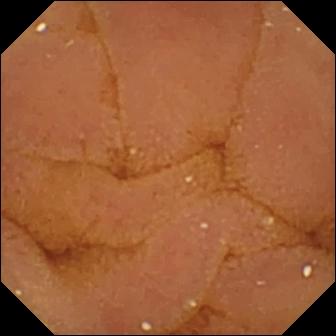This video capsule endoscopy frame shows normal clean mucosa.